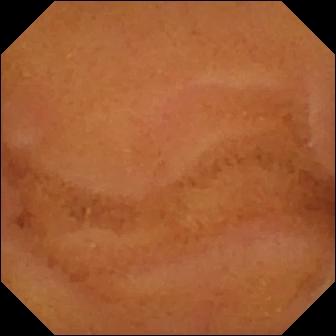Normal clean mucosa.